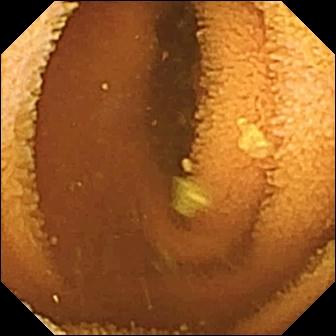Small-bowel capsule endoscopy — normal clean mucosa.